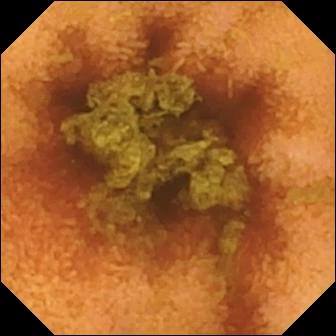This VCE image shows normal clean mucosa.